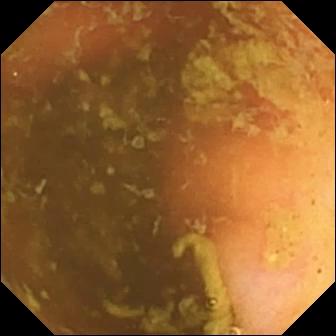PROCEDURE: Small-bowel capsule endoscopy.
LABEL: Ileo-cecal valve region.